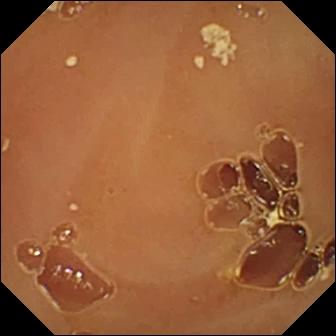{"modality": "wireless capsule endoscopy", "finding": "normal clean mucosa"}